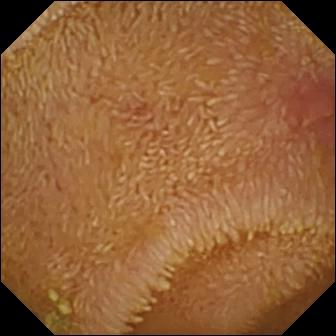Wireless capsule endoscopy — erosion.